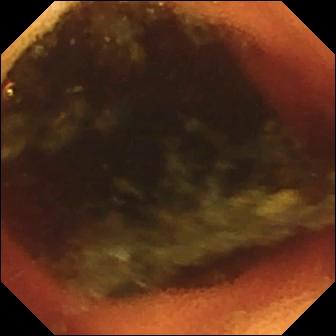PROCEDURE: Capsule endoscopy.
VIDEO SEGMENT: Ileo-cecal valve region (the transition from the small bowel to the large bowel).